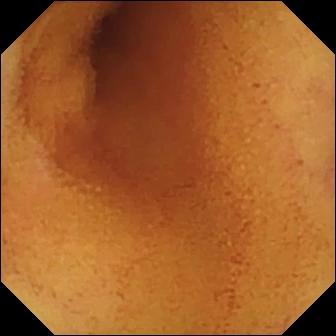Q: What does this wireless capsule endoscopy snapshot show?
A: Normal clean mucosa.